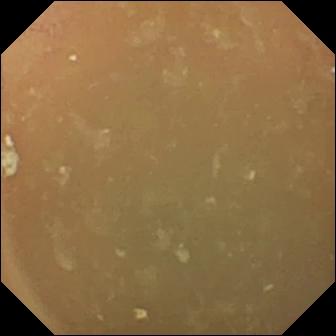modality: video capsule endoscopy | category: luminal finding | observation: normal clean mucosa